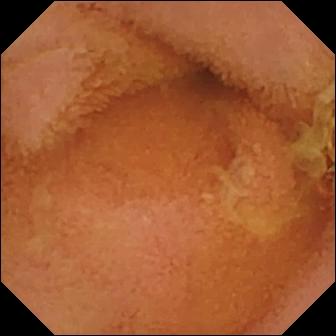PROCEDURE: Small-bowel capsule endoscopy.
SEGMENT: Small bowel.
FINDINGS: Normal clean mucosa.